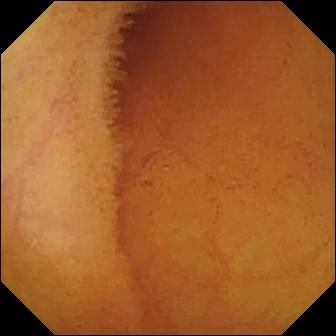Wireless capsule endoscopy — normal clean mucosa.